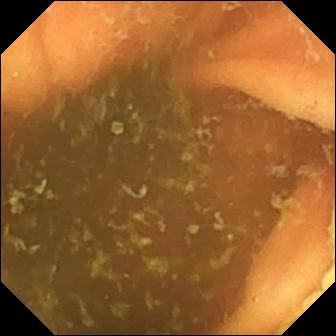Video capsule endoscopy frame taken in the ileo-cecal valve region (the transition from the small bowel to the large bowel).